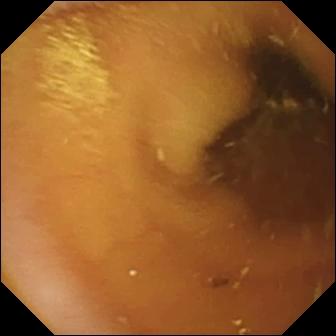This small-bowel capsule endoscopy image was taken in the pylorus region (where the capsule passes from the stomach into the small bowel).